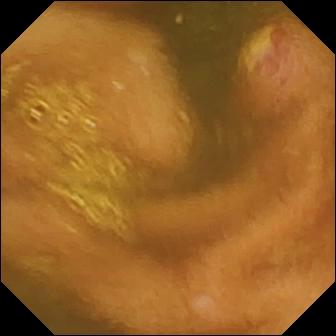Wireless capsule endoscopy frame
Impression: ulcer